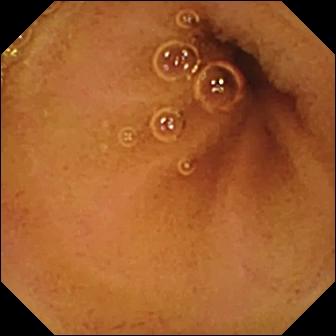This wireless capsule endoscopy frame of the small intestine shows normal clean mucosa.